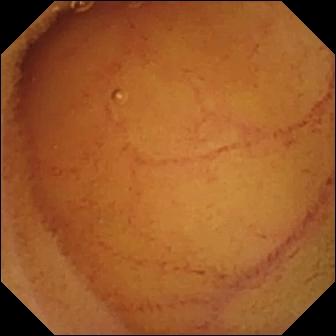PROCEDURE: Small-bowel capsule endoscopy.
SEGMENT: Small bowel.
FINDINGS: Normal clean mucosa.